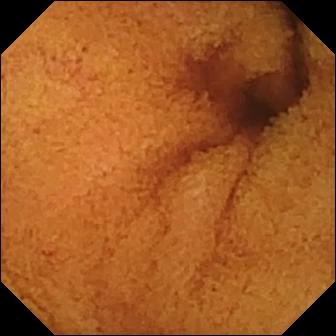Small-bowel capsule endoscopy. Small intestine. Luminal finding. Impression: normal clean mucosa.